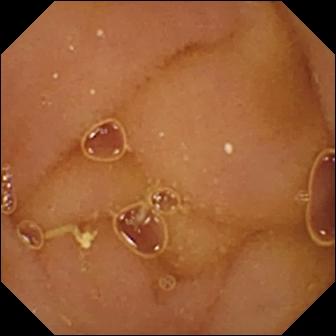PROCEDURE: Wireless capsule endoscopy.
SEGMENT: Small bowel.
FINDINGS: Normal clean mucosa.